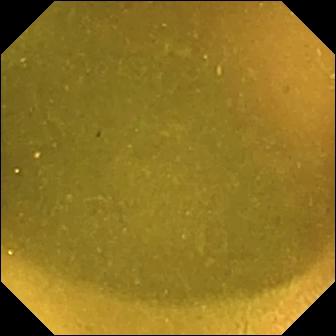WCE view taken in the ileo-cecal valve region (where the capsule passes from the small bowel into the large bowel).